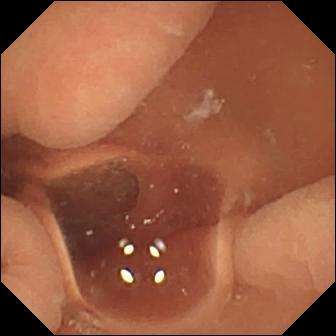PROCEDURE: Wireless capsule endoscopy.
FINDINGS: Normal clean mucosa.